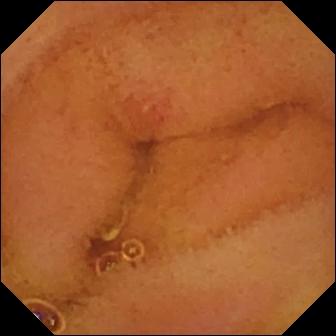- modality: wireless capsule endoscopy
- impression: erosion